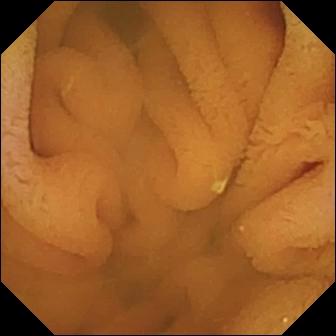VCE snapshot showing normal clean mucosa.